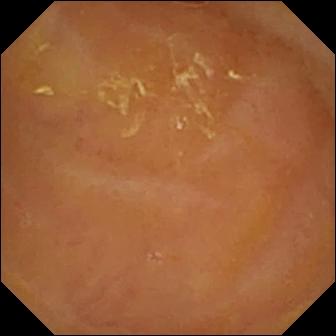Capsule endoscopy still (small bowel). Reduced mucosal view (content or bubbles obscuring the mucosa).